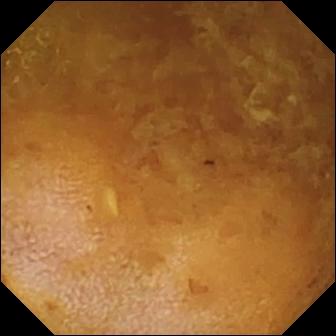Q: What does this small-bowel capsule endoscopy still show?
A: Reduced mucosal view (content or bubbles obscuring the mucosa).